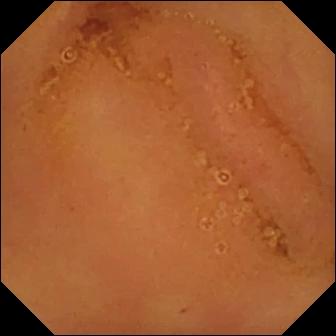{"modality": "wireless capsule endoscopy", "finding": "normal clean mucosa"}